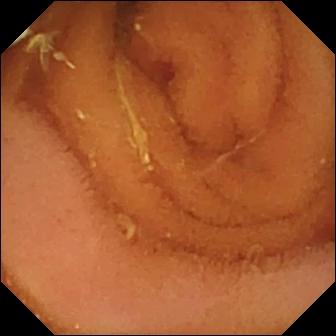Small-bowel capsule endoscopy frame (small bowel). Normal clean mucosa.